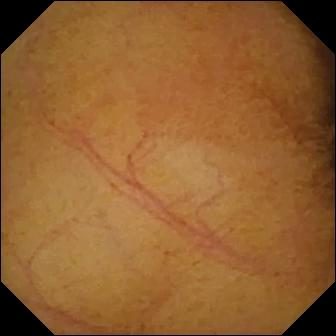{"modality": "WCE", "segment": "small bowel", "finding": "normal clean mucosa"}